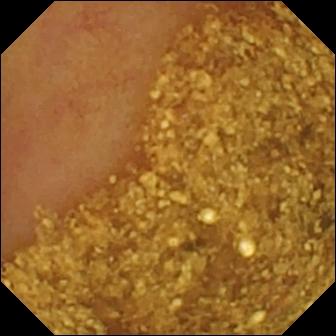Small-bowel capsule endoscopy image. Taken in the ileo-cecal valve region.